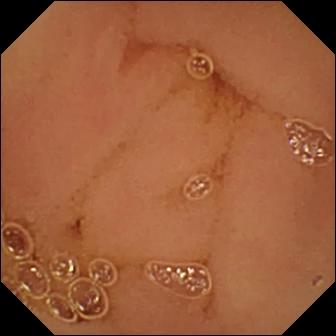{"modality": "small-bowel capsule endoscopy", "category": "luminal finding", "finding": "normal clean mucosa"}